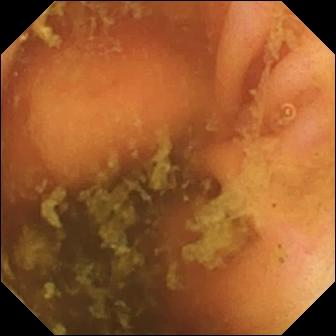Capsule endoscopy image
Video segment: ileo-cecal valve region (the transition from the small bowel to the large bowel)